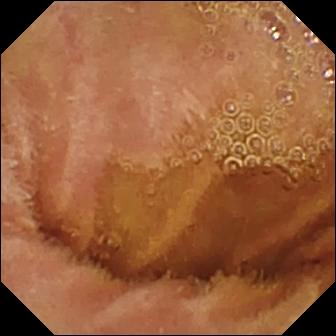Capsule endoscopy image of the small bowel showing normal clean mucosa.